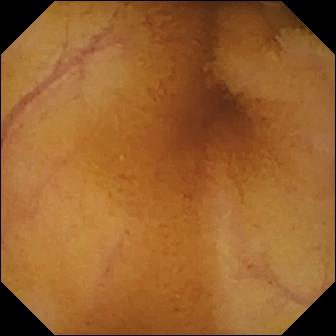Video capsule endoscopy snapshot
Finding: normal clean mucosa